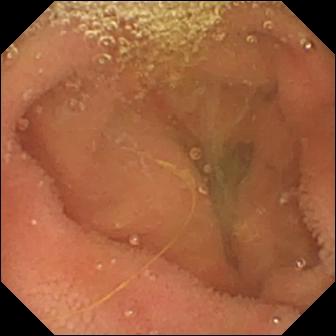VCE. Luminal finding. Impression: lymphangiectasia.